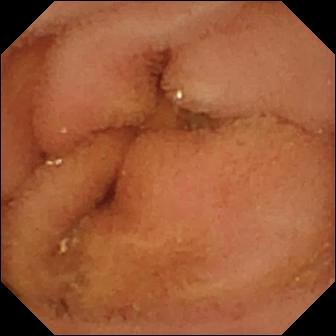Video capsule endoscopy — normal clean mucosa.